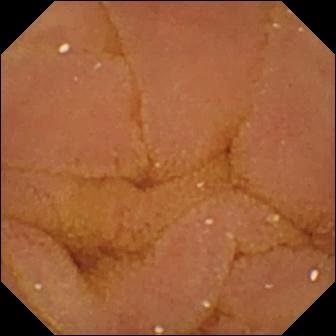Wireless capsule endoscopy. Small bowel. Observation: normal clean mucosa.